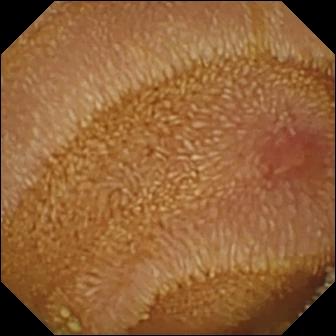Erosion — capsule endoscopy snapshot.